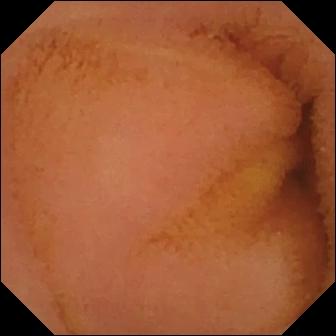modality: VCE; segment: small intestine; impression: normal clean mucosa